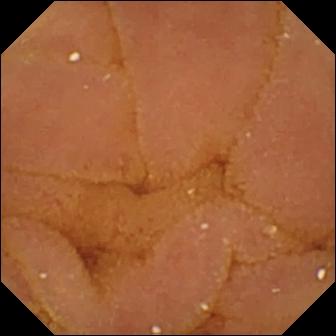Normal clean mucosa.